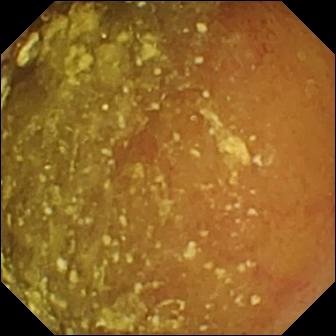Normal clean mucosa — small-bowel capsule endoscopy image of the small bowel.